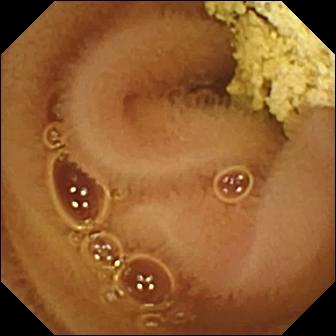PROCEDURE: Capsule endoscopy.
FINDINGS: Normal clean mucosa.